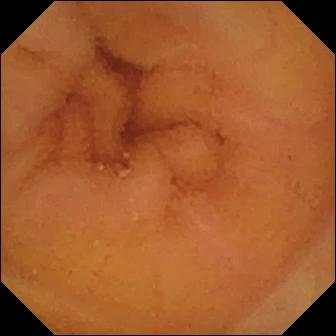Normal clean mucosa.